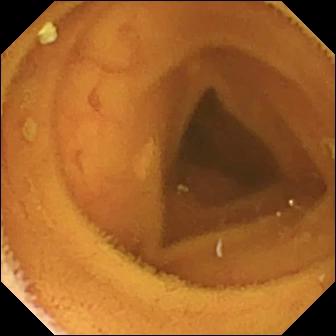This small-bowel capsule endoscopy image shows normal clean mucosa.